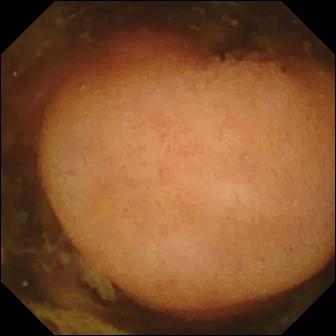Wireless capsule endoscopy. Impression: polyp.